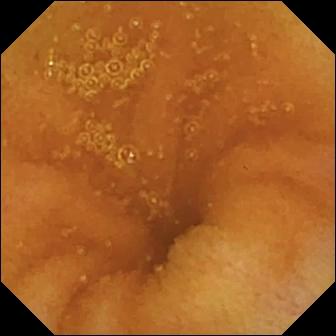WCE view showing normal clean mucosa.